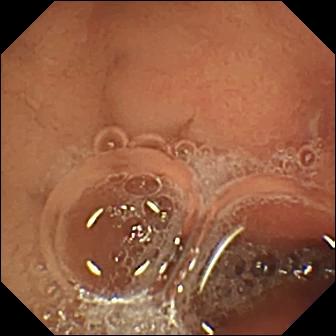Wireless capsule endoscopy — erosion.